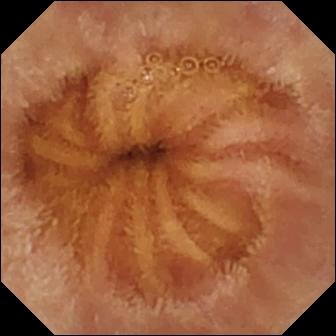modality: capsule endoscopy | category: luminal finding | impression: normal clean mucosa